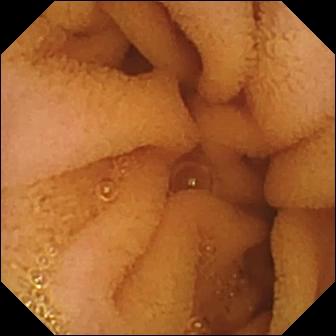VCE still of the small bowel showing normal clean mucosa.